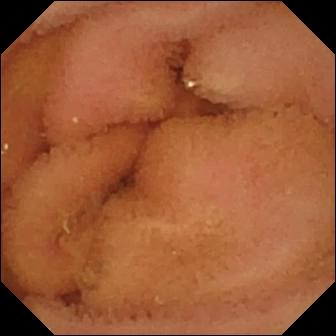Normal clean mucosa.